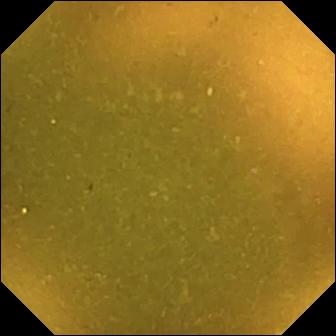modality: small-bowel capsule endoscopy
category: anatomical landmark
label: ileo-cecal valve region (where the capsule passes from the small bowel into the large bowel)